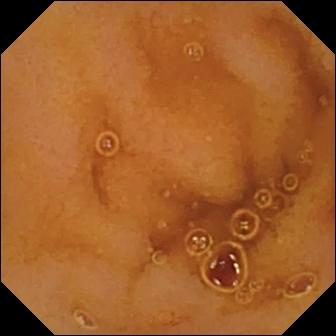{"modality": "VCE", "finding": "normal clean mucosa"}